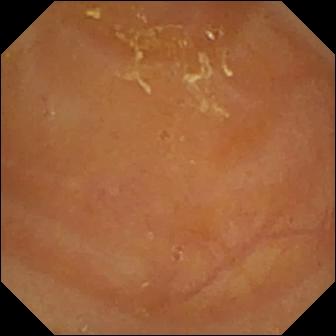{"modality": "small-bowel capsule endoscopy", "segment": "small bowel", "category": "luminal finding", "finding": "reduced mucosal view (content or bubbles obscuring the mucosa)"}